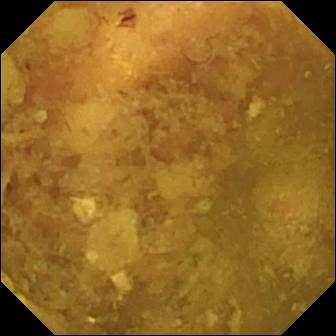Wireless capsule endoscopy snapshot of the small intestine showing reduced mucosal view (content or bubbles obscuring the mucosa).